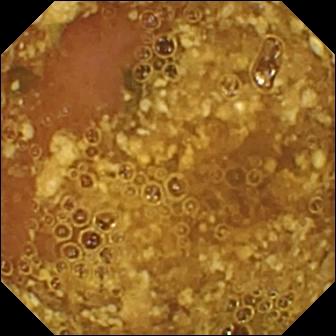VCE. Label: reduced mucosal view (content or bubbles obscuring the mucosa).